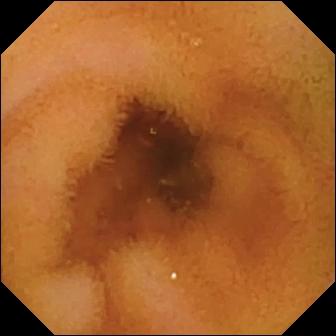Capsule endoscopy — normal clean mucosa.